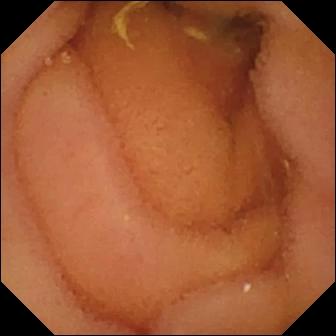WCE image
Label: normal clean mucosa